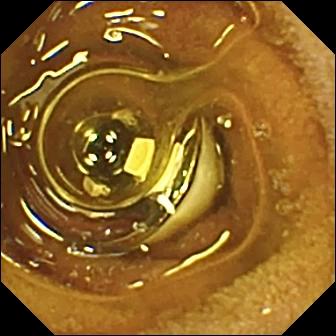Q: What does this small-bowel capsule endoscopy still show?
A: Foreign body (e.g. retained capsule, tablet residue).